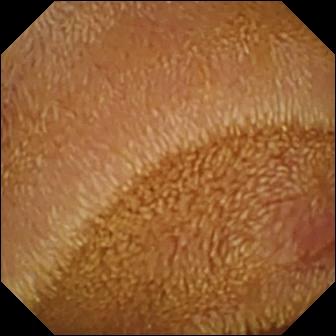Erosion — video capsule endoscopy image.